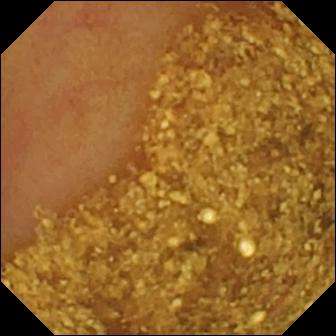VCE. Position: ileo-cecal valve region (the transition from the small bowel to the large bowel).